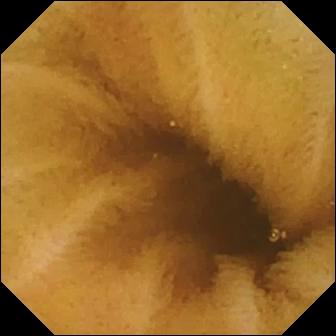PROCEDURE: Small-bowel capsule endoscopy.
FINDINGS: Normal clean mucosa.